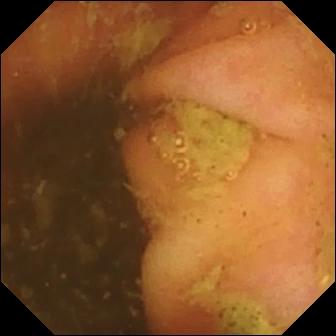Ileo-cecal valve region — capsule endoscopy frame.